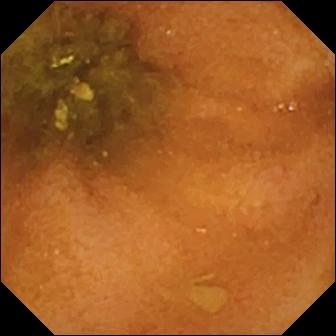WCE. Luminal finding. Finding: normal clean mucosa.